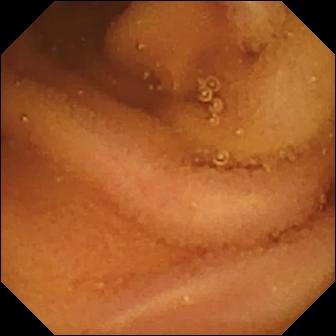Capsule endoscopy — normal clean mucosa.